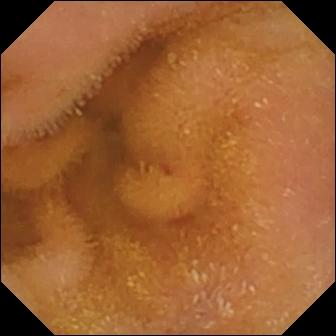PROCEDURE: Video capsule endoscopy.
SEGMENT: Small intestine.
FINDINGS: Normal clean mucosa.